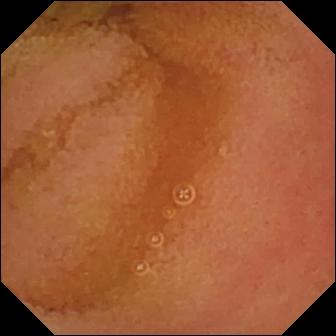This video capsule endoscopy snapshot shows normal clean mucosa.